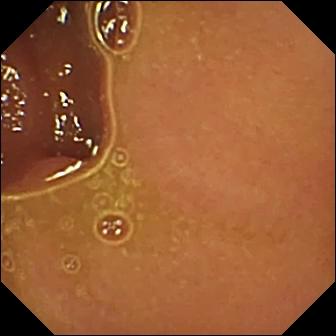Normal clean mucosa.